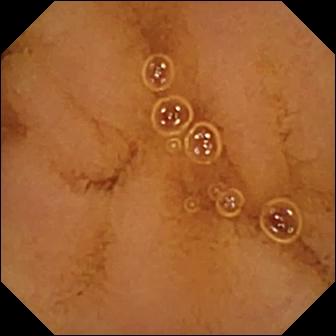WCE — normal clean mucosa.